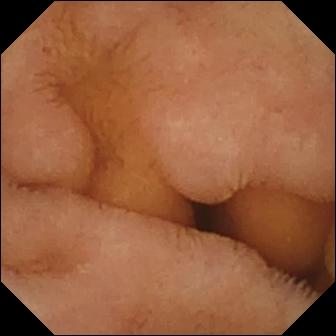Q: What does this small-bowel capsule endoscopy still show?
A: Normal clean mucosa.